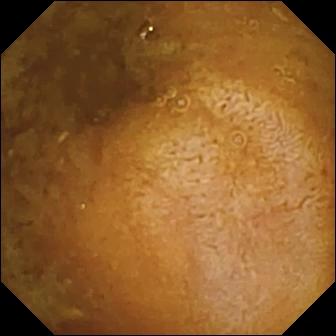VCE still, small intestine
Finding: reduced mucosal view (content or bubbles obscuring the mucosa)